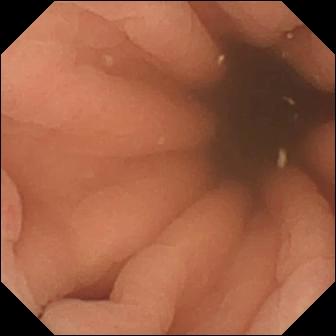PROCEDURE: Capsule endoscopy.
VIDEO SEGMENT: Pylorus region (where the capsule passes from the stomach into the small bowel).